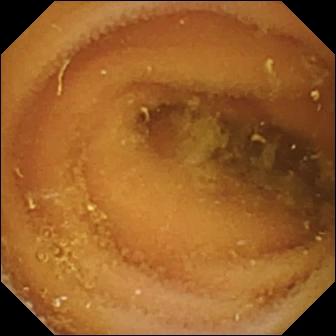This wireless capsule endoscopy image of the small bowel shows normal clean mucosa.